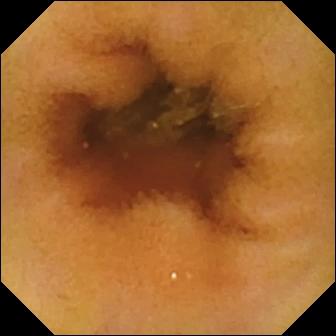Normal clean mucosa — video capsule endoscopy image of the small intestine.